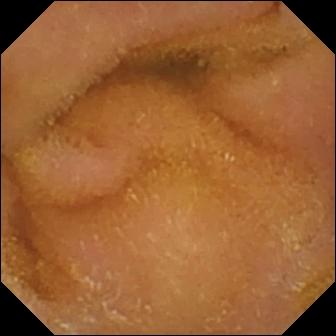PROCEDURE: Wireless capsule endoscopy.
FINDINGS: Normal clean mucosa.